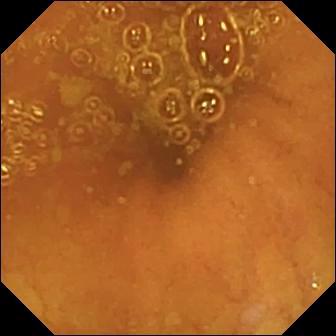Q: Where in the digestive tract was this video capsule endoscopy snapshot taken?
A: Ileo-cecal valve region.